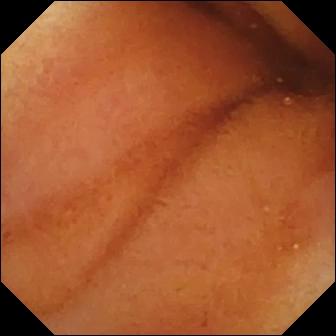Normal clean mucosa.